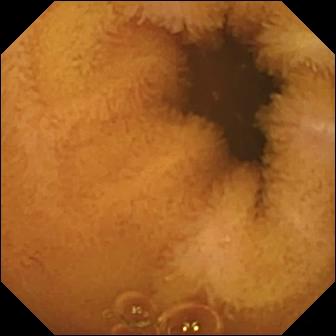VCE frame. Normal clean mucosa.